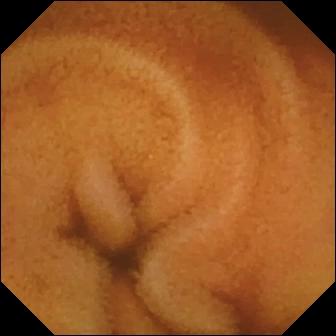modality: small-bowel capsule endoscopy | segment: small intestine | impression: normal clean mucosa